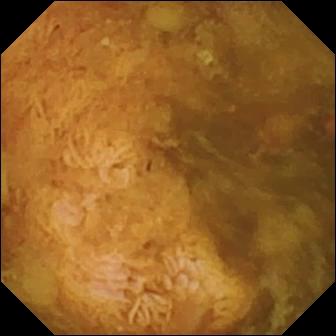- modality: VCE
- segment: small intestine
- category: luminal finding
- observation: reduced mucosal view (content or bubbles obscuring the mucosa)